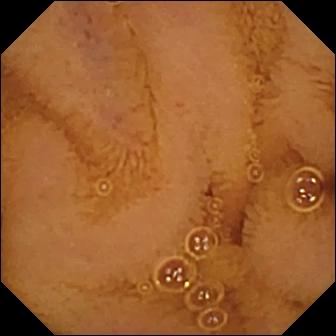Normal clean mucosa — VCE frame of the small intestine.